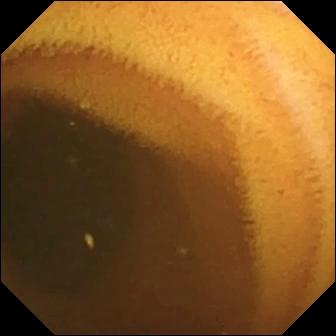Small-bowel capsule endoscopy snapshot showing normal clean mucosa.